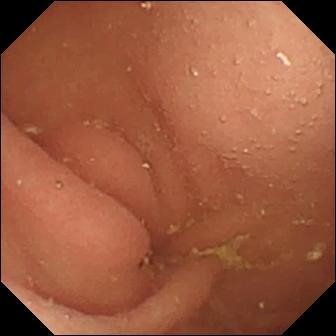This WCE view was taken in the pylorus region (where the capsule passes from the stomach into the small bowel).